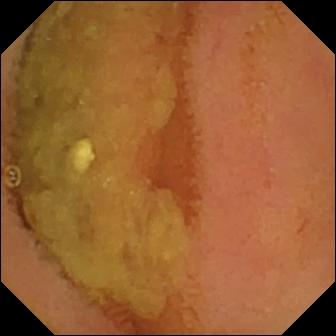VCE view of the small intestine showing normal clean mucosa.